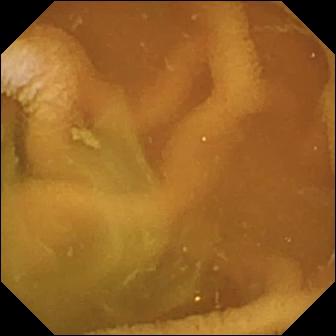Small-bowel capsule endoscopy. Impression: normal clean mucosa.